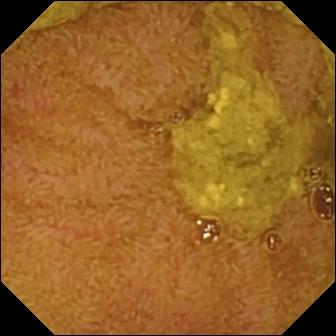- modality: wireless capsule endoscopy
- location: ileo-cecal valve region